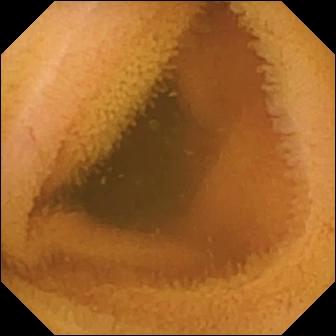Q: What does this VCE view show?
A: Normal clean mucosa.